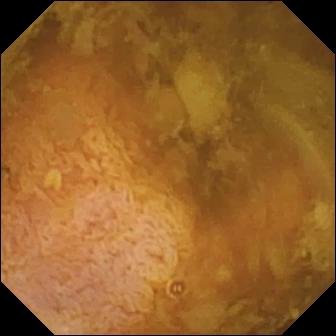Q: What does this small-bowel capsule endoscopy still show?
A: Reduced mucosal view (content or bubbles obscuring the mucosa).